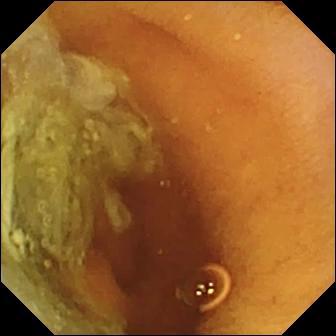{"modality": "VCE", "category": "luminal finding", "finding": "normal clean mucosa"}